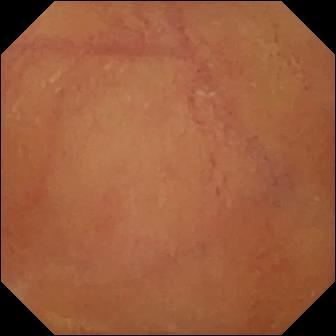Video capsule endoscopy view
Impression: normal clean mucosa